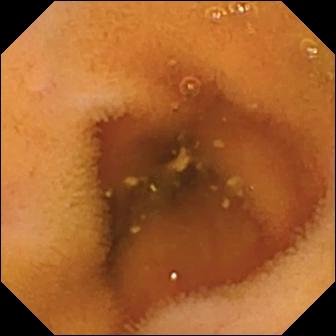Video capsule endoscopy — normal clean mucosa.